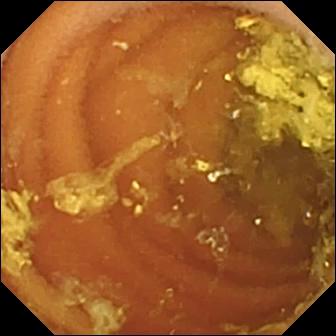PROCEDURE: Small-bowel capsule endoscopy.
FINDINGS: Normal clean mucosa.